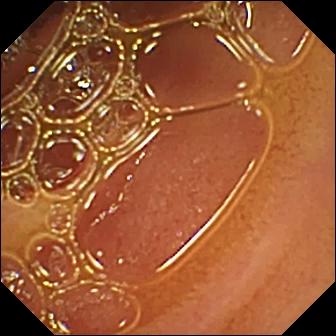VCE view (small intestine). Normal clean mucosa.